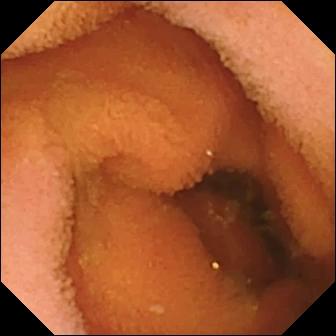This video capsule endoscopy image shows normal clean mucosa.